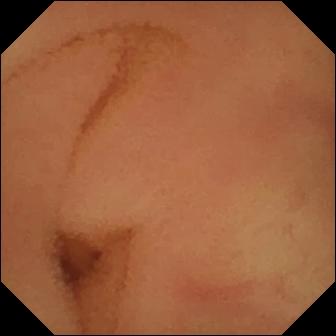This VCE snapshot shows normal clean mucosa.